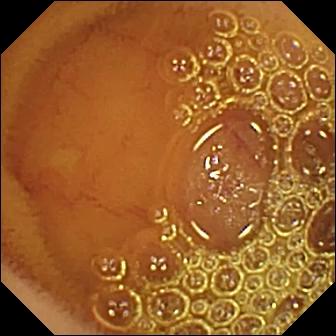{"modality": "VCE", "finding": "normal clean mucosa"}